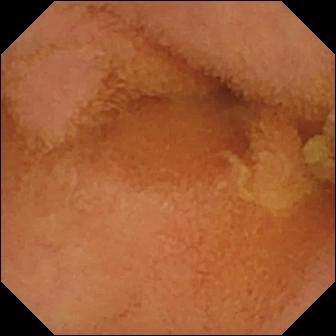- modality: wireless capsule endoscopy
- segment: small intestine
- impression: normal clean mucosa